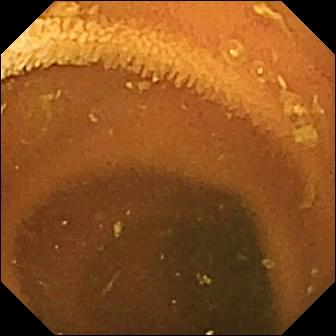Video capsule endoscopy — normal clean mucosa.